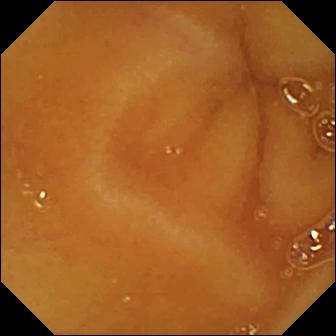This capsule endoscopy frame shows normal clean mucosa.